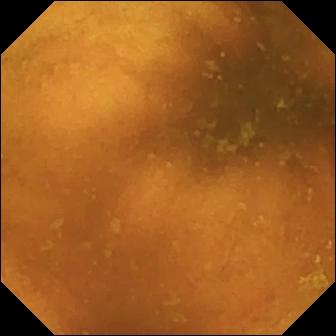Capsule endoscopy frame (small intestine). Normal clean mucosa.